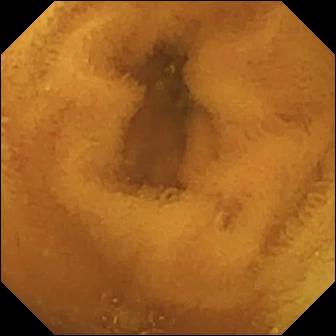Q: What does this video capsule endoscopy frame show?
A: Normal clean mucosa.